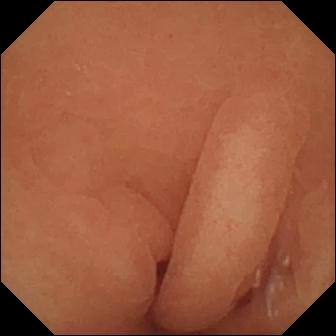VCE view
Impression: normal clean mucosa